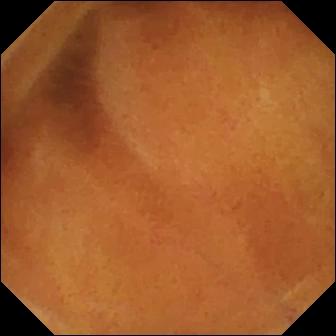Wireless capsule endoscopy — normal clean mucosa.